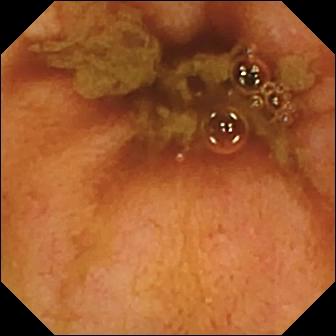Small-bowel capsule endoscopy. Near an anatomical landmark. Location: ileo-cecal valve region (where the capsule passes from the small bowel into the large bowel).